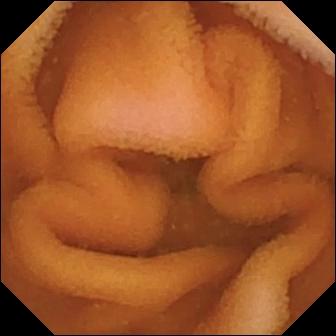modality: small-bowel capsule endoscopy; segment: small bowel; category: luminal finding; label: normal clean mucosa